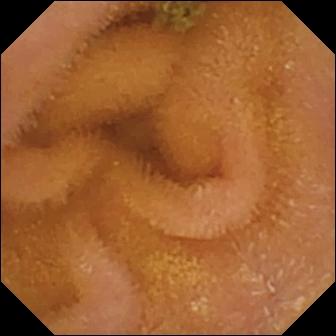This small-bowel capsule endoscopy image of the small intestine shows normal clean mucosa.